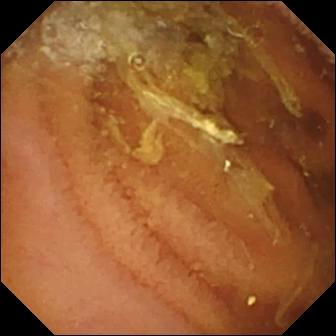PROCEDURE: WCE.
SEGMENT: Small bowel.
FINDINGS: Normal clean mucosa.